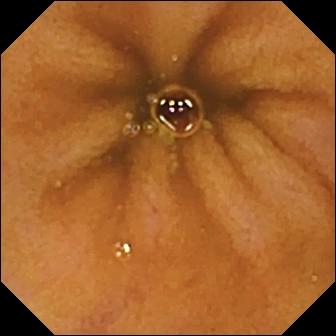PROCEDURE: Small-bowel capsule endoscopy.
FINDINGS: Normal clean mucosa.